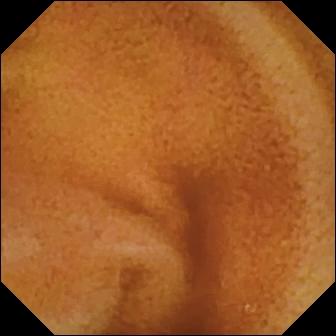Capsule endoscopy snapshot of the small bowel showing normal clean mucosa.